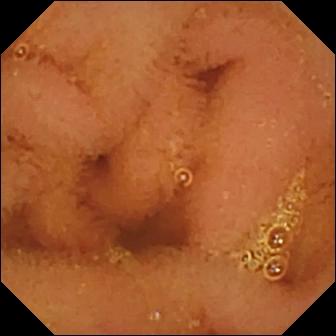WCE. Small intestine. Luminal finding. Observation: normal clean mucosa.